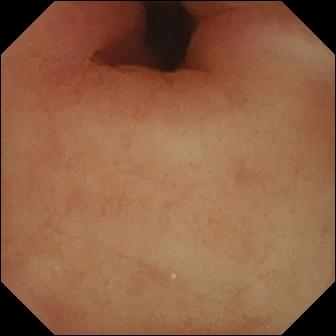Pylorus region (where the capsule passes from the stomach into the small bowel).